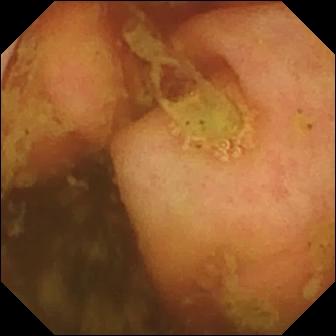Small-bowel capsule endoscopy still. Taken in the ileo-cecal valve region.